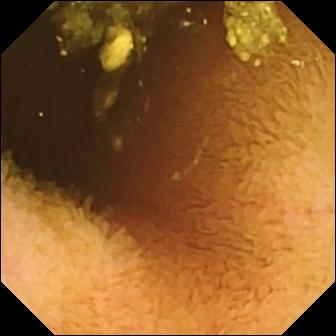Wireless capsule endoscopy image, small intestine
Finding: normal clean mucosa